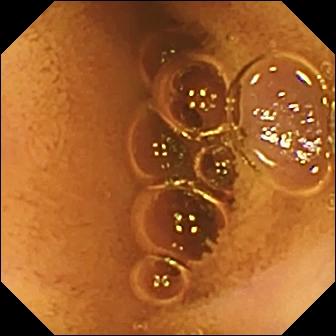VCE. Small intestine. Luminal finding. Label: normal clean mucosa.